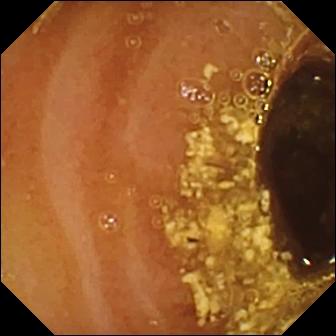- modality: VCE
- category: luminal finding
- finding: reduced mucosal view (content or bubbles obscuring the mucosa)